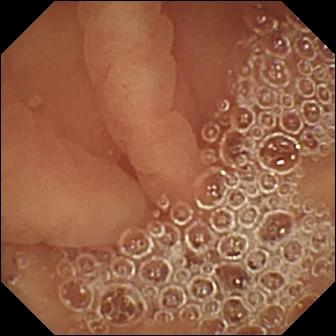Video capsule endoscopy frame
Video segment: pylorus region (where the capsule passes from the stomach into the small bowel)